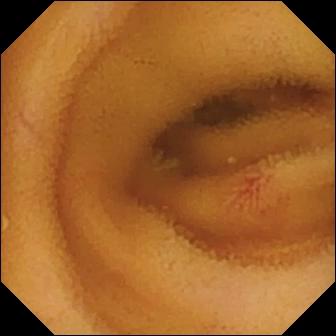Q: What does this VCE frame show?
A: Angiectasia.